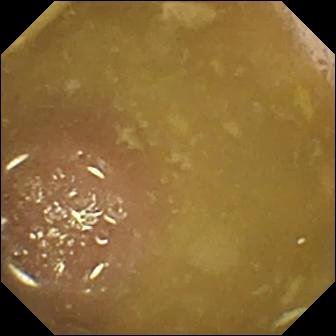This wireless capsule endoscopy snapshot was taken in the ileo-cecal valve region.